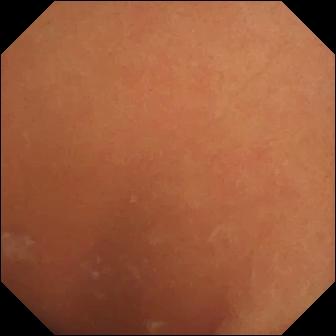Small-bowel capsule endoscopy snapshot. Normal clean mucosa.